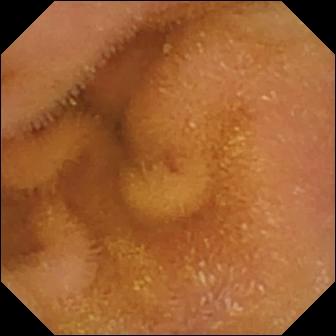modality: small-bowel capsule endoscopy
category: luminal finding
observation: normal clean mucosa